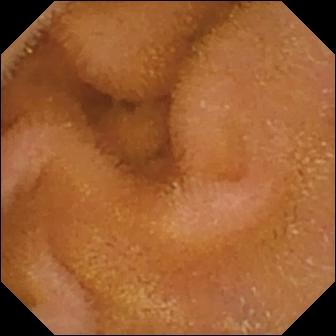Q: What does this small-bowel capsule endoscopy image of the small bowel show?
A: Normal clean mucosa.